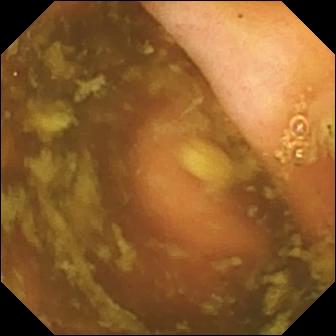{"modality": "wireless capsule endoscopy", "label": "ileo-cecal valve region"}